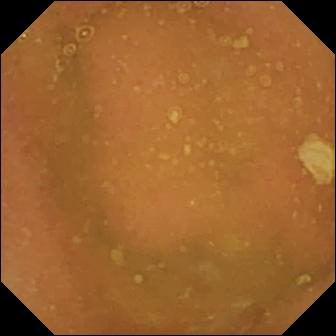Normal clean mucosa.